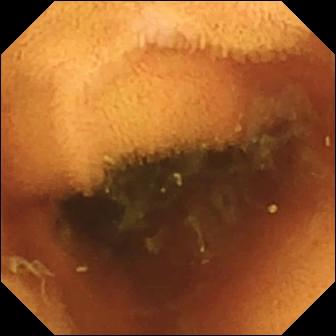Capsule endoscopy frame
Finding: normal clean mucosa